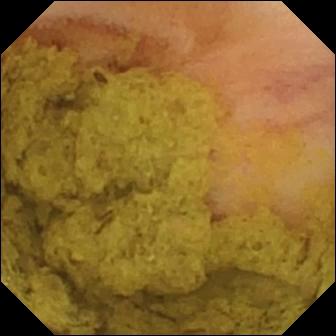This wireless capsule endoscopy snapshot was taken in the ileo-cecal valve region (the transition from the small bowel to the large bowel).